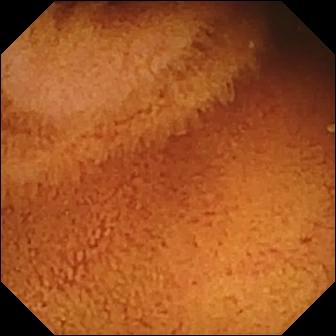Small-bowel capsule endoscopy. Impression: normal clean mucosa.